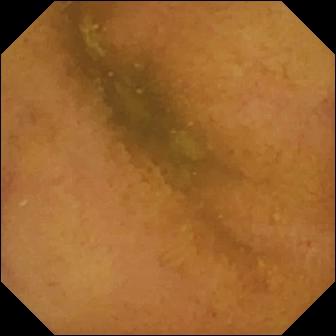Normal clean mucosa — video capsule endoscopy still of the small intestine.